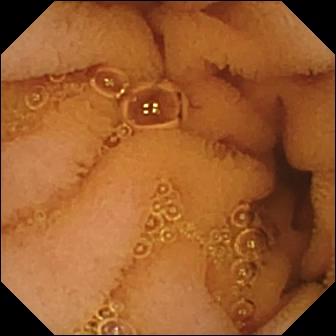Q: What does this WCE image of the small bowel show?
A: Normal clean mucosa.